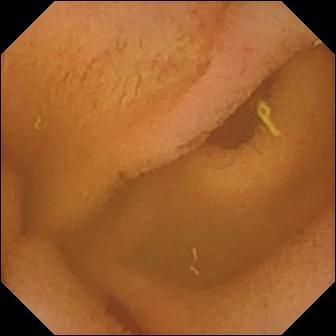{"modality": "WCE", "finding": "normal clean mucosa"}